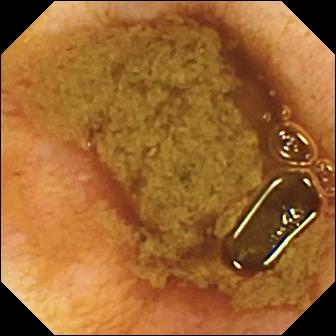Video capsule endoscopy. Position: ileo-cecal valve region (the transition from the small bowel to the large bowel).